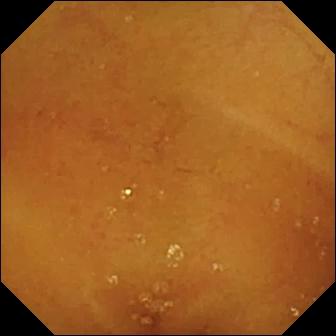- modality: capsule endoscopy
- segment: small intestine
- category: luminal finding
- label: normal clean mucosa